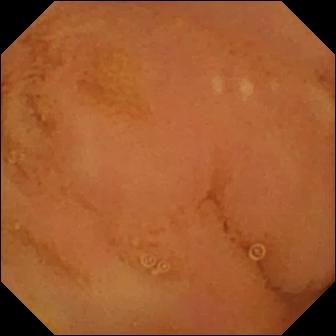Video capsule endoscopy. Small intestine. Label: normal clean mucosa.